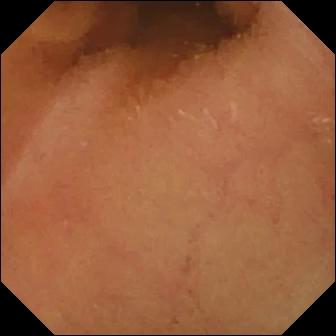Video capsule endoscopy — normal clean mucosa.